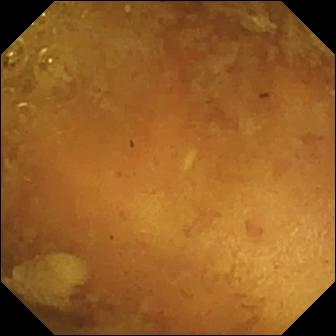{"modality": "WCE", "finding": "reduced mucosal view (content or bubbles obscuring the mucosa)"}